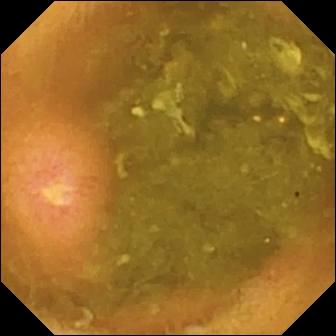This WCE view shows ulcer.